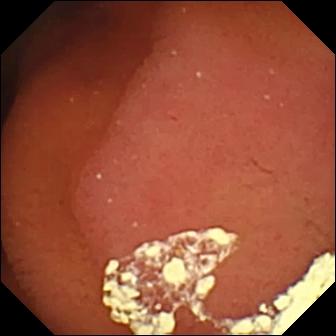modality: VCE; category: anatomical landmark; location: pylorus region